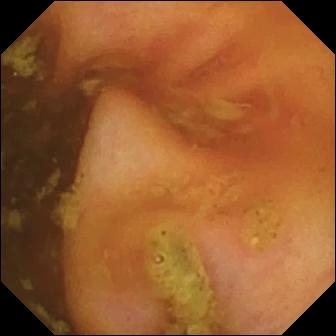Small-bowel capsule endoscopy still. Taken in the ileo-cecal valve region.